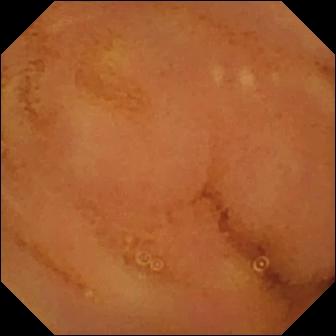PROCEDURE: WCE.
FINDINGS: Normal clean mucosa.